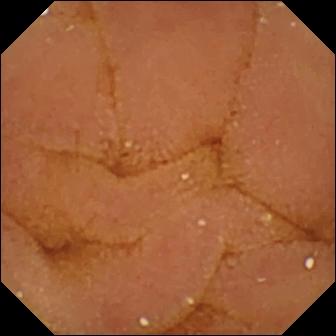{"modality": "video capsule endoscopy", "segment": "small intestine", "category": "luminal finding", "finding": "normal clean mucosa"}